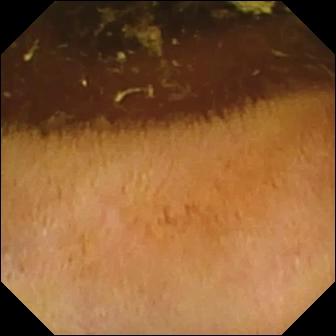{"modality": "WCE", "segment": "small intestine", "finding": "normal clean mucosa"}